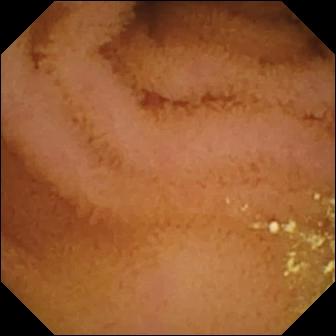{"modality": "capsule endoscopy", "segment": "small intestine", "finding": "normal clean mucosa"}